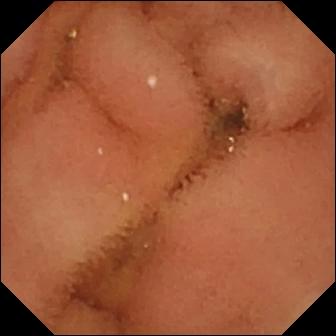- modality: wireless capsule endoscopy
- segment: small bowel
- observation: normal clean mucosa